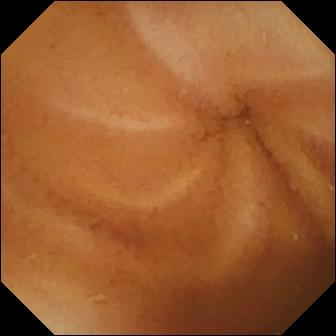Normal clean mucosa.